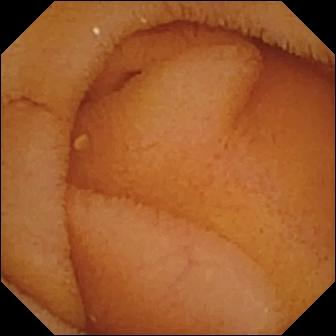- modality: WCE
- segment: small bowel
- label: normal clean mucosa